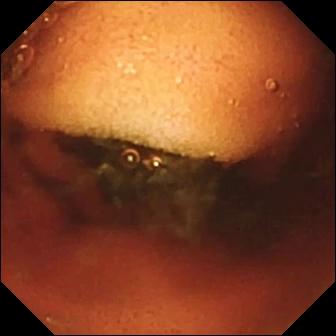Ileo-cecal valve region (where the capsule passes from the small bowel into the large bowel).